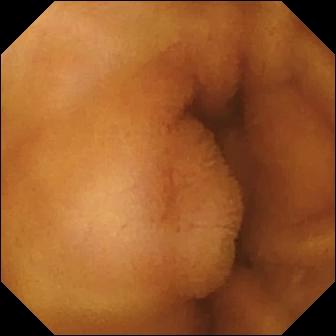Normal clean mucosa — VCE image.